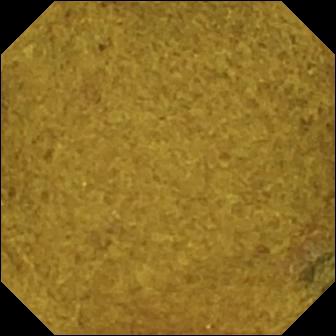Capsule endoscopy. Near an anatomical landmark. Video segment: ileo-cecal valve region.